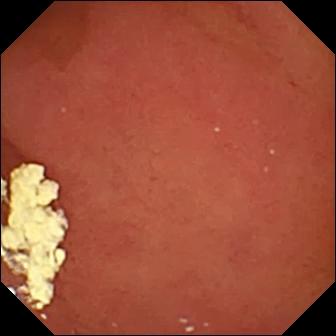WCE view, 336×336. Taken in the pylorus region.